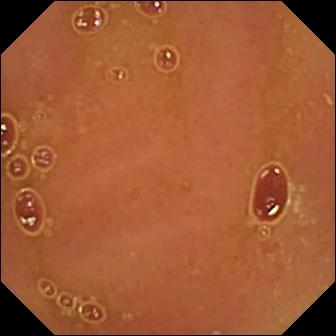- modality: video capsule endoscopy
- segment: small bowel
- impression: normal clean mucosa